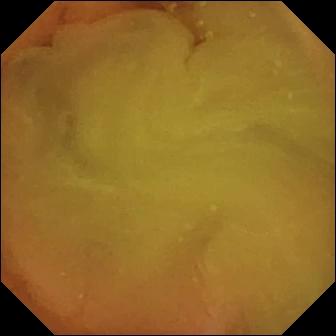{"modality": "WCE", "finding": "normal clean mucosa"}